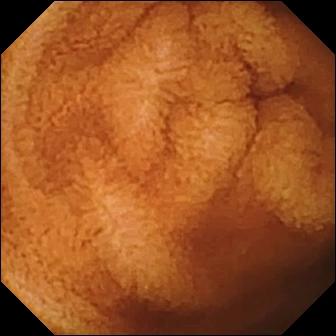This WCE view of the small bowel shows normal clean mucosa.